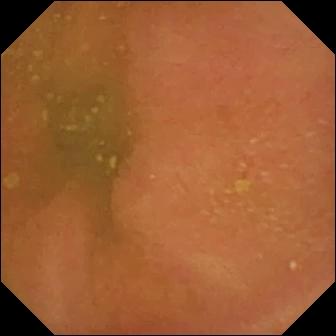- modality: VCE
- label: normal clean mucosa